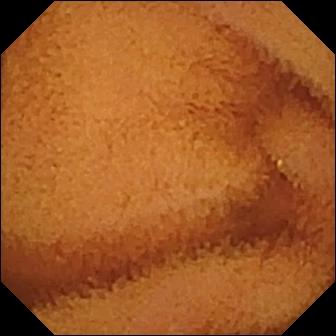PROCEDURE: VCE.
FINDINGS: Normal clean mucosa.